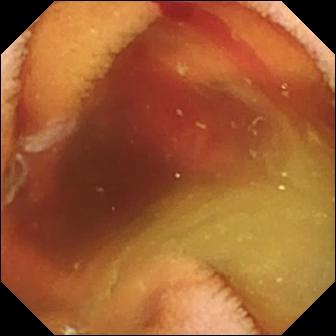WCE snapshot showing fresh blood in the lumen.